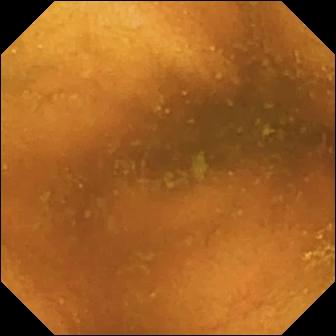Normal clean mucosa (336×336).